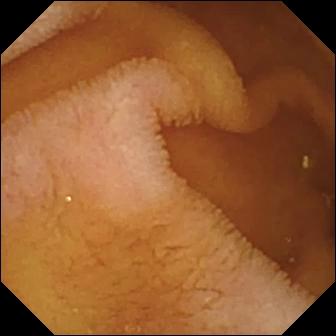This small-bowel capsule endoscopy frame of the small intestine shows normal clean mucosa.